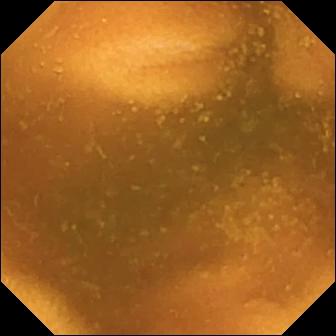- modality: video capsule endoscopy
- impression: normal clean mucosa